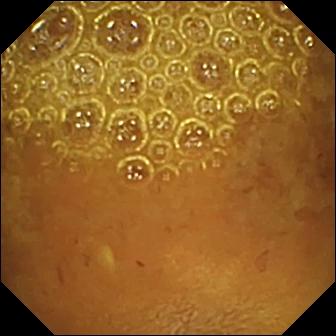Q: What does this capsule endoscopy still of the small bowel show?
A: Reduced mucosal view (content or bubbles obscuring the mucosa).